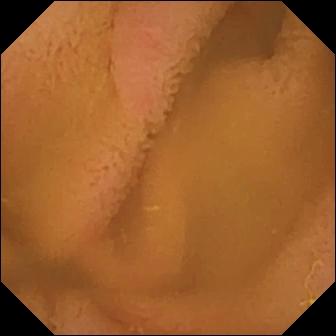Wireless capsule endoscopy image. Normal clean mucosa.